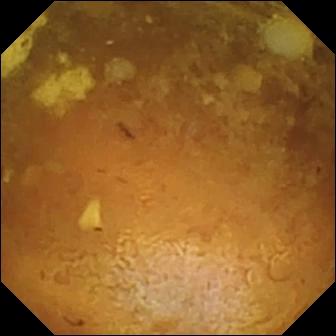VCE — reduced mucosal view (content or bubbles obscuring the mucosa).